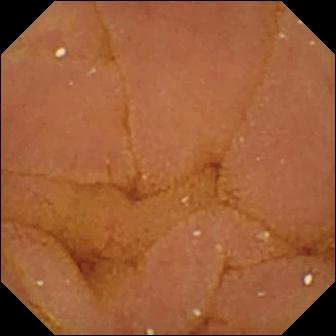Normal clean mucosa.